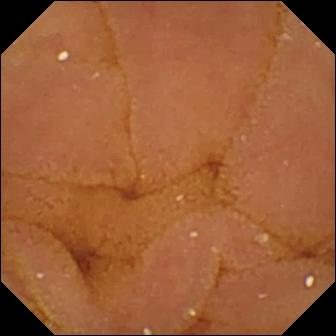{"modality": "capsule endoscopy", "segment": "small bowel", "finding": "normal clean mucosa"}